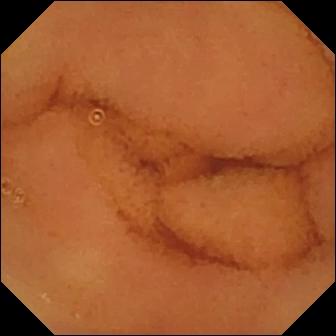Video capsule endoscopy frame of the small intestine showing normal clean mucosa.